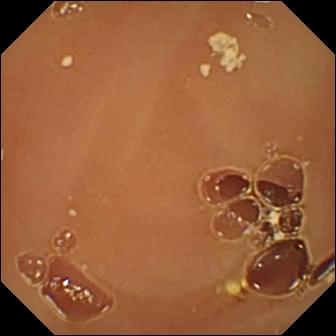Video capsule endoscopy view, small bowel
Observation: normal clean mucosa